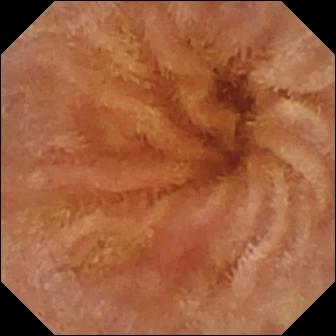- modality: capsule endoscopy
- segment: small intestine
- category: luminal finding
- label: normal clean mucosa